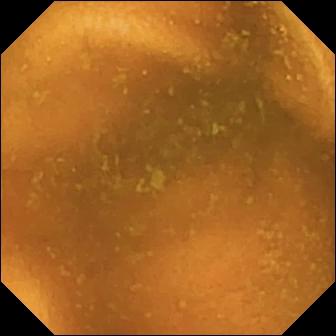PROCEDURE: Small-bowel capsule endoscopy.
FINDINGS: Normal clean mucosa.